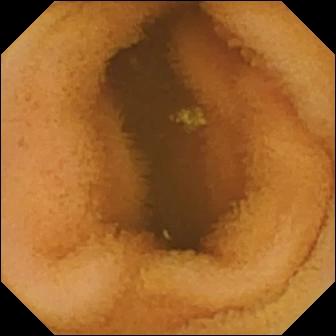WCE — normal clean mucosa.